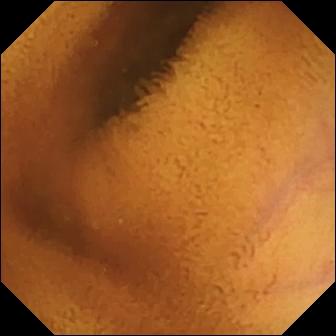Wireless capsule endoscopy. Small intestine. Observation: normal clean mucosa.